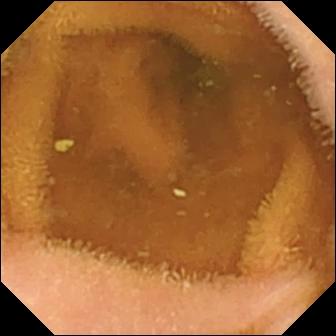- modality: wireless capsule endoscopy
- category: luminal finding
- finding: normal clean mucosa